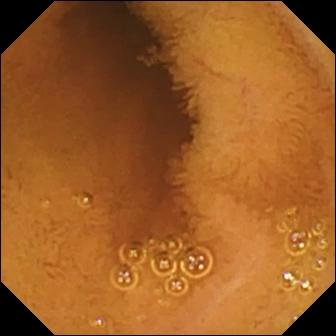Q: What does this WCE image show?
A: Normal clean mucosa.